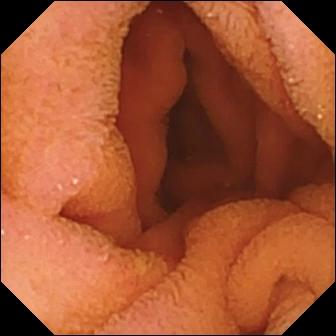Normal clean mucosa.